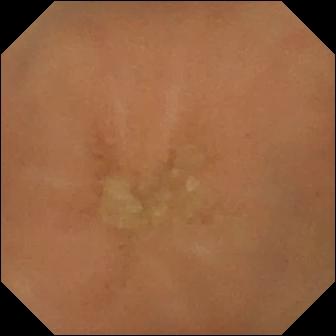Normal clean mucosa — capsule endoscopy frame of the small bowel.